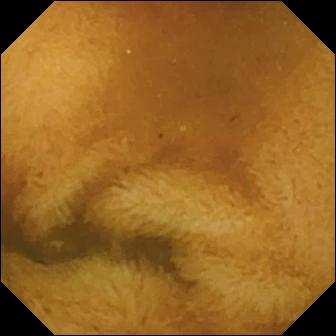WCE. Luminal finding. Finding: normal clean mucosa.